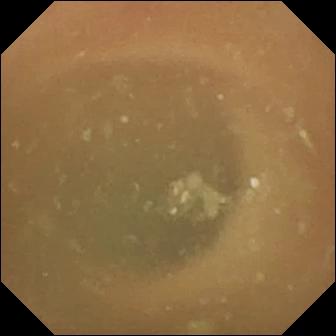Normal clean mucosa — VCE snapshot of the small bowel.